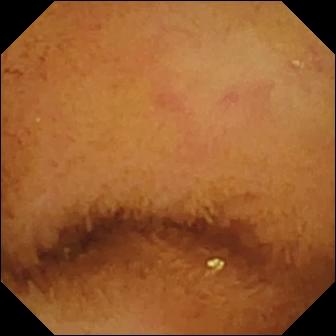Small-bowel capsule endoscopy snapshot showing normal clean mucosa.